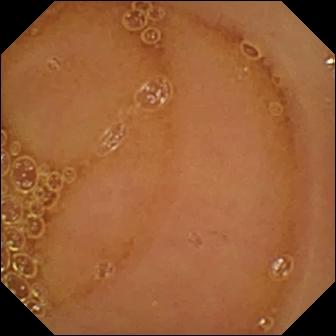Video capsule endoscopy view of the small intestine showing normal clean mucosa.